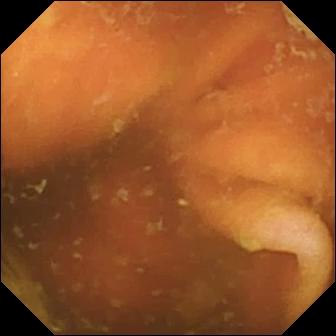Ileo-cecal valve region — capsule endoscopy still.